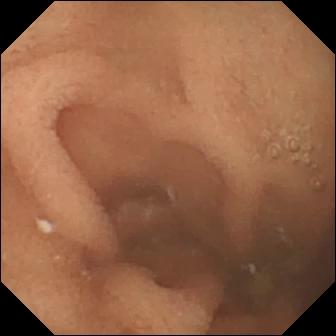Normal clean mucosa — WCE still.